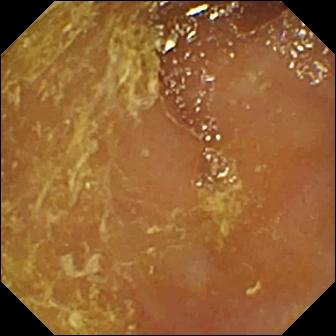modality: VCE | segment: small bowel | observation: reduced mucosal view (content or bubbles obscuring the mucosa)